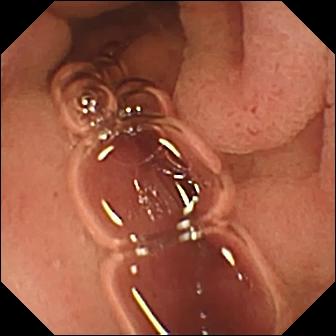Q: Where in the digestive tract was this capsule endoscopy frame taken?
A: Pylorus region (the junction between the stomach and the small bowel).